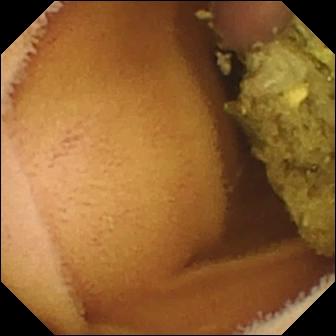Normal clean mucosa — WCE view.